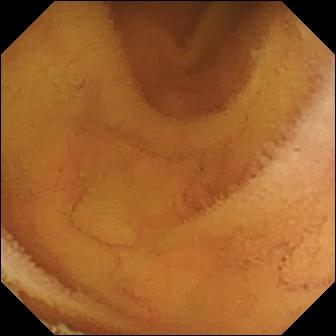{"modality": "capsule endoscopy", "finding": "normal clean mucosa"}